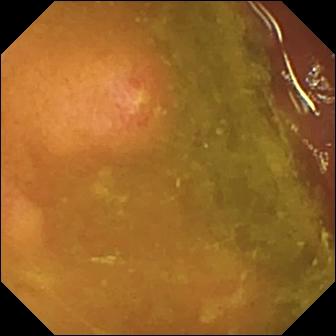Capsule endoscopy view. Erosion.